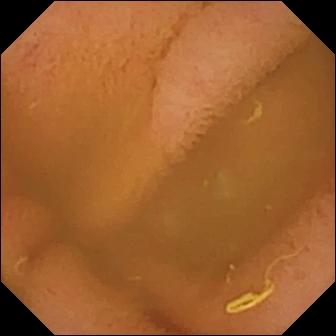Capsule endoscopy — normal clean mucosa.